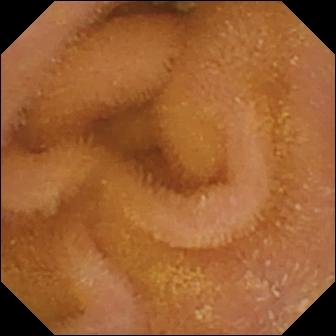PROCEDURE: Wireless capsule endoscopy.
SEGMENT: Small bowel.
FINDINGS: Normal clean mucosa.